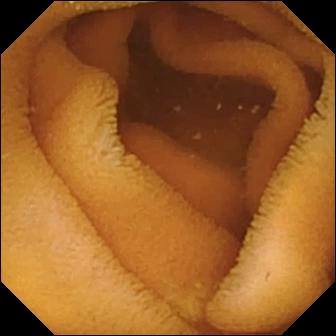PROCEDURE: Wireless capsule endoscopy.
SEGMENT: Small bowel.
FINDINGS: Normal clean mucosa.